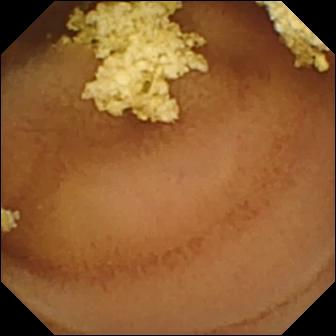PROCEDURE: Wireless capsule endoscopy.
SEGMENT: Small intestine.
FINDINGS: Normal clean mucosa.